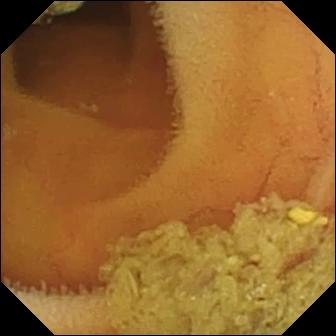modality: wireless capsule endoscopy
segment: small bowel
observation: normal clean mucosa